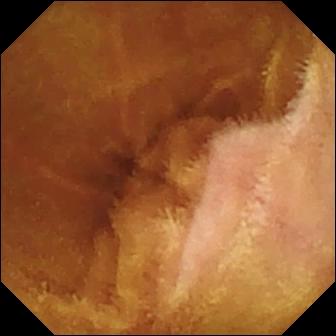This wireless capsule endoscopy snapshot of the small bowel shows normal clean mucosa.